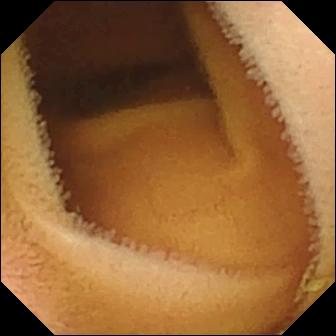Video capsule endoscopy — normal clean mucosa.